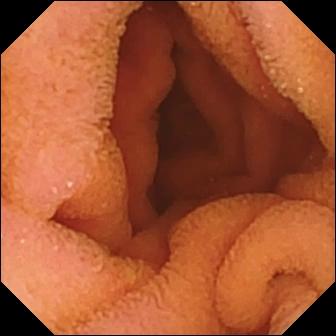Small-bowel capsule endoscopy image of the small bowel showing normal clean mucosa.